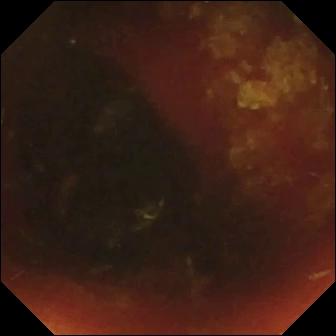PROCEDURE: Video capsule endoscopy.
LABEL: Ileo-cecal valve region (where the capsule passes from the small bowel into the large bowel).